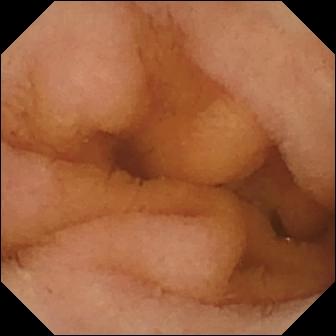Q: What does this capsule endoscopy snapshot of the small intestine show?
A: Normal clean mucosa.